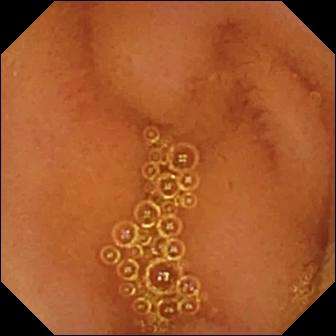Normal clean mucosa.